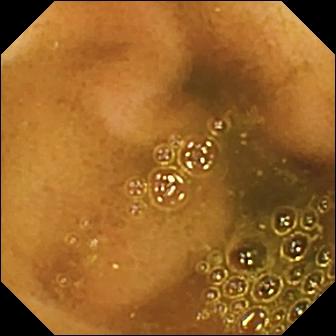modality: WCE; category: anatomical landmark; video segment: ileo-cecal valve region (where the capsule passes from the small bowel into the large bowel)